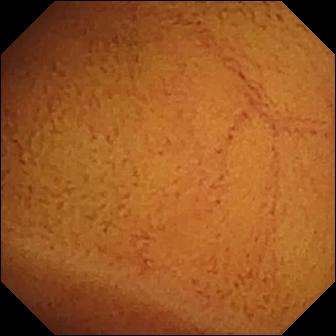Small-bowel capsule endoscopy. Small bowel. Label: normal clean mucosa.